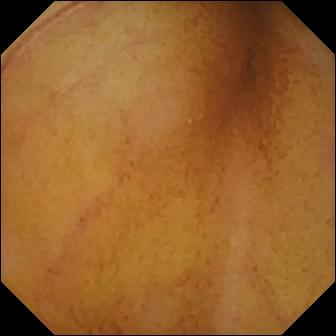{"modality": "video capsule endoscopy", "segment": "small bowel", "finding": "normal clean mucosa"}